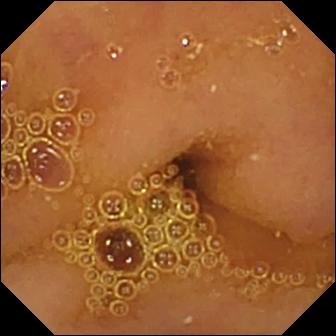Normal clean mucosa — VCE view of the small bowel.